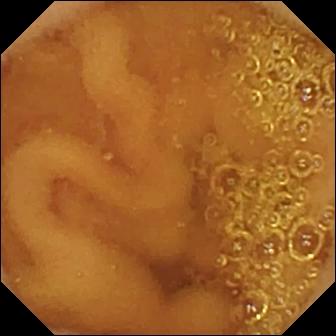{"modality": "capsule endoscopy", "segment": "small bowel", "category": "luminal finding", "finding": "normal clean mucosa"}